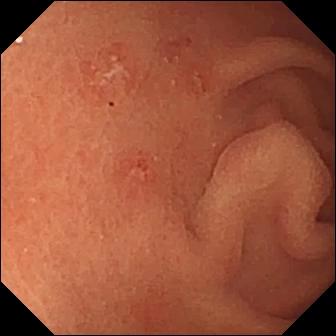Small-bowel capsule endoscopy still showing erosion.